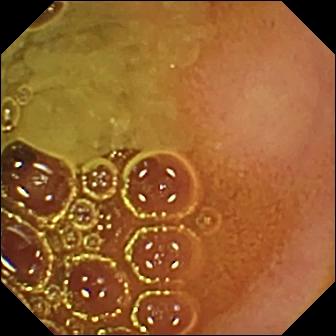modality: video capsule endoscopy
segment: small intestine
impression: normal clean mucosa